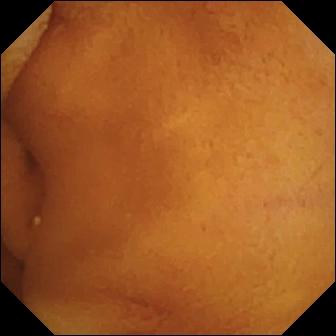{"modality": "capsule endoscopy", "segment": "small bowel", "finding": "normal clean mucosa"}